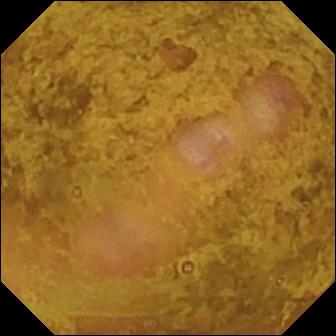VCE image taken in the ileo-cecal valve region.